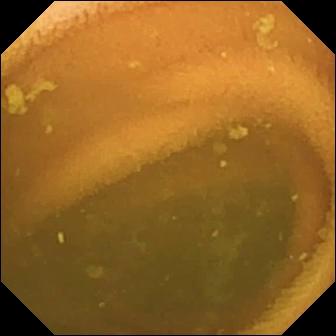- modality: VCE
- impression: normal clean mucosa